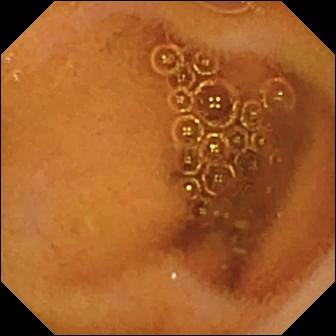Wireless capsule endoscopy image, small bowel
Impression: normal clean mucosa